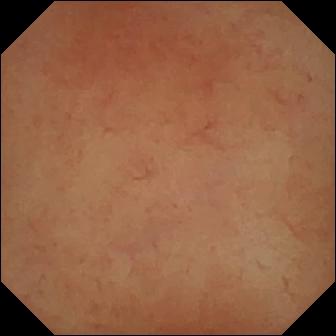Pylorus region (the junction between the stomach and the small bowel).